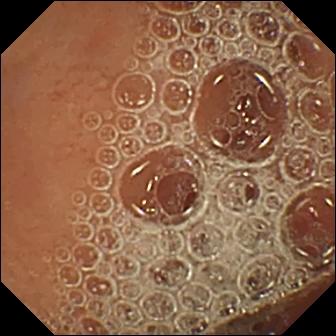Capsule endoscopy snapshot
Label: normal clean mucosa